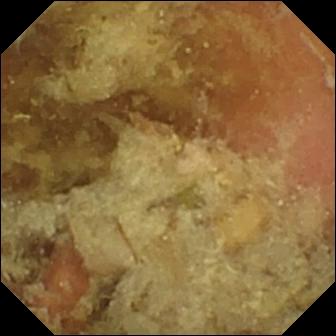WCE — pylorus region.